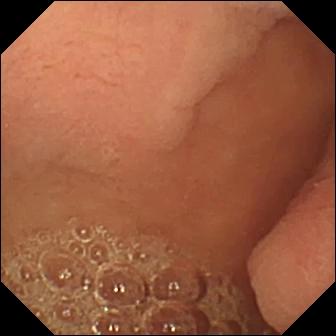PROCEDURE: VCE.
LABEL: Pylorus region.